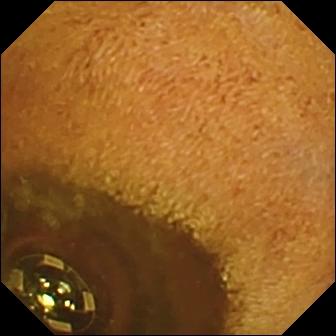Foreign body (e.g. retained capsule, tablet residue) — capsule endoscopy snapshot.